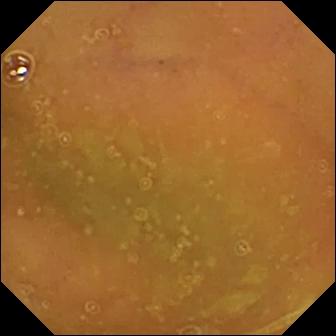modality: VCE; label: normal clean mucosa